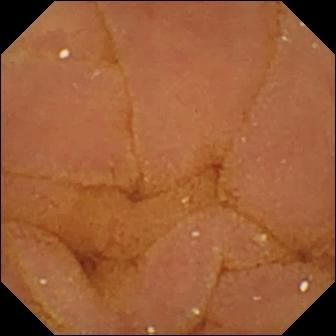This capsule endoscopy snapshot shows normal clean mucosa.